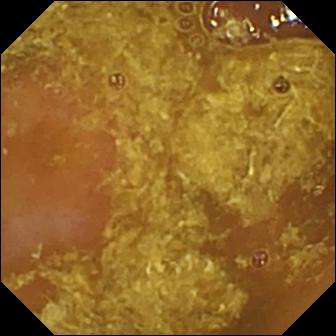Capsule endoscopy image
Observation: reduced mucosal view (content or bubbles obscuring the mucosa)